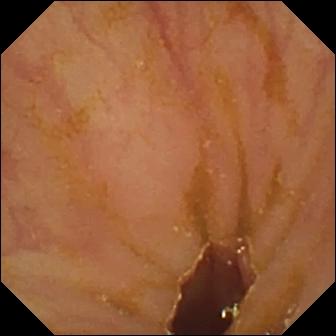Ileo-cecal valve region (the transition from the small bowel to the large bowel).